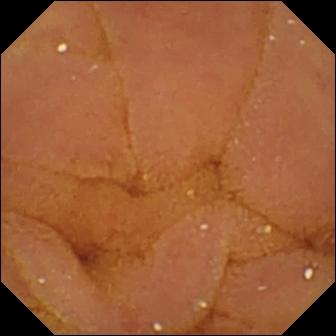Wireless capsule endoscopy view showing normal clean mucosa.